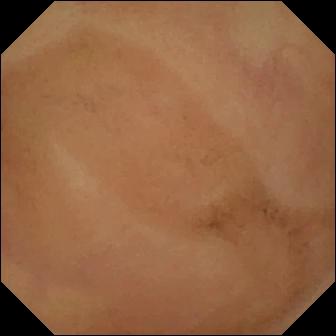Wireless capsule endoscopy view
Impression: normal clean mucosa